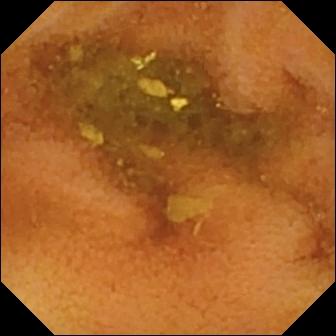Wireless capsule endoscopy frame showing normal clean mucosa.